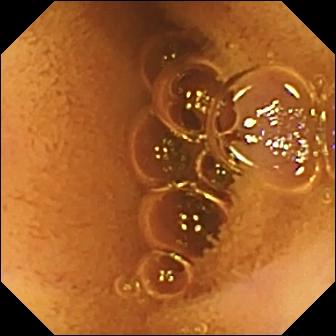VCE. Luminal finding. Observation: normal clean mucosa.